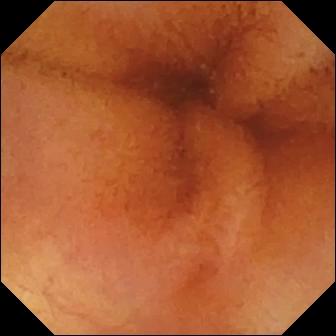Q: What does this wireless capsule endoscopy snapshot of the small intestine show?
A: Normal clean mucosa.